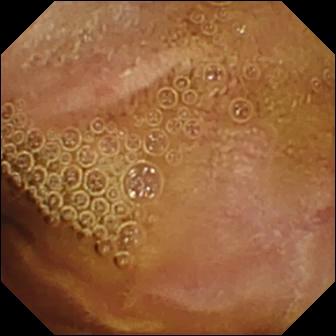Normal clean mucosa.